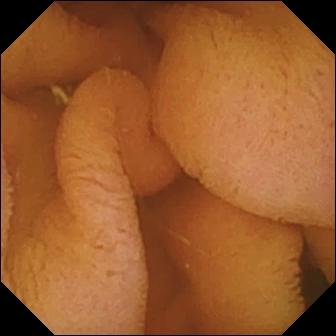Capsule endoscopy still
Observation: normal clean mucosa